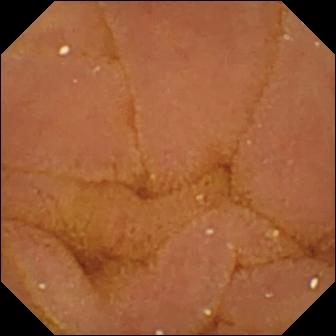WCE image
Impression: normal clean mucosa